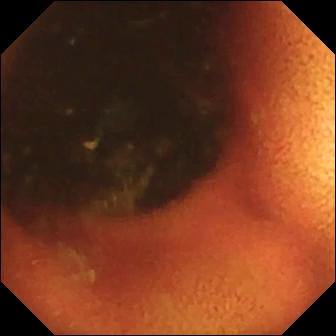Video capsule endoscopy. Label: ileo-cecal valve region.